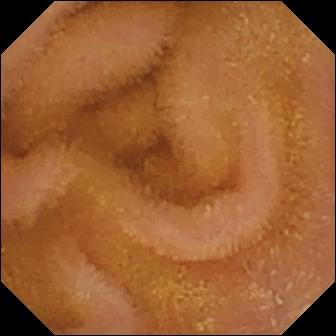Small-bowel capsule endoscopy — normal clean mucosa.